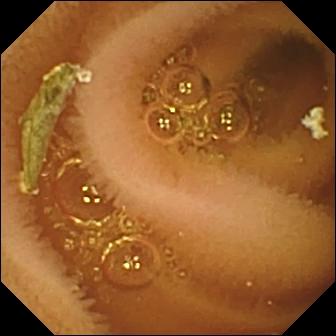VCE snapshot showing normal clean mucosa.